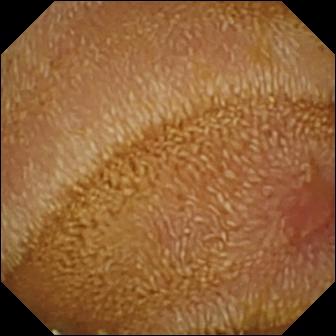VCE — erosion.